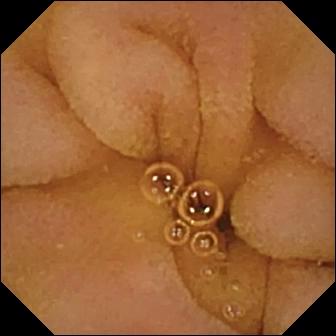Q: What does this capsule endoscopy snapshot show?
A: Normal clean mucosa.